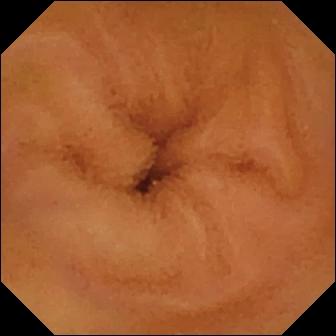Capsule endoscopy image showing normal clean mucosa.